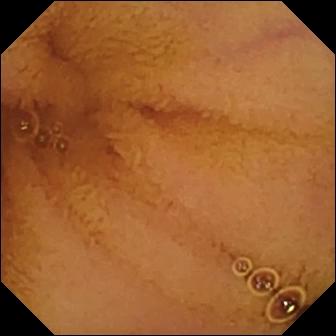Normal clean mucosa.